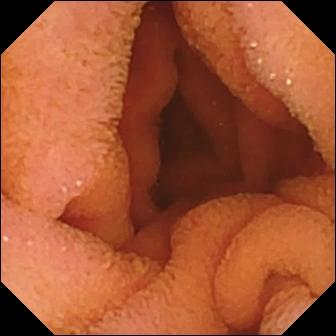Wireless capsule endoscopy frame showing normal clean mucosa.